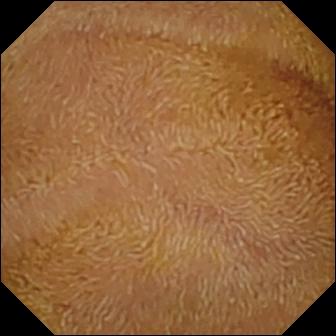modality: video capsule endoscopy; impression: normal clean mucosa